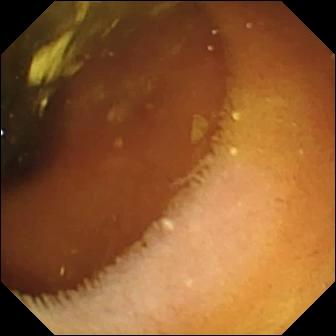Pylorus region (where the capsule passes from the stomach into the small bowel).